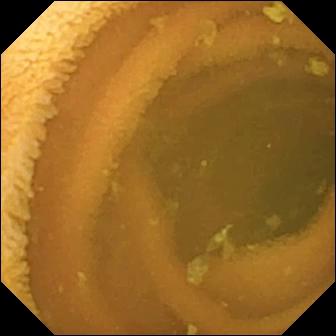WCE snapshot
Label: normal clean mucosa